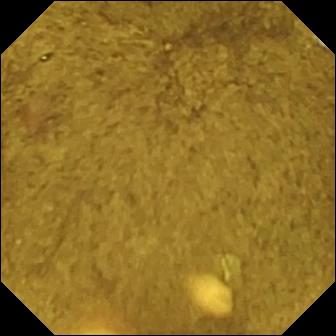Video capsule endoscopy. Label: ileo-cecal valve region (where the capsule passes from the small bowel into the large bowel).